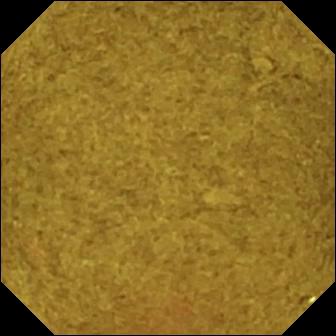Ileo-cecal valve region (where the capsule passes from the small bowel into the large bowel), 336×336.